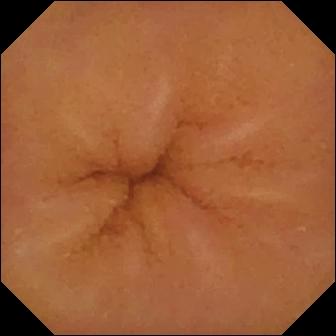PROCEDURE: Wireless capsule endoscopy.
SEGMENT: Small intestine.
FINDINGS: Normal clean mucosa.